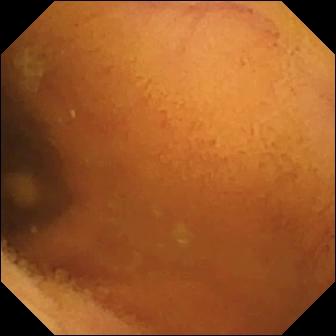This wireless capsule endoscopy snapshot shows normal clean mucosa.